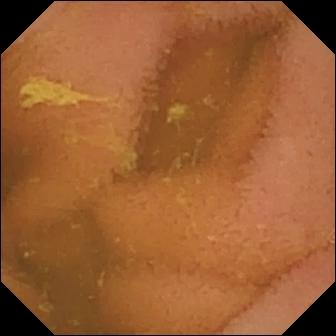{"modality": "wireless capsule endoscopy", "category": "luminal finding", "finding": "normal clean mucosa"}